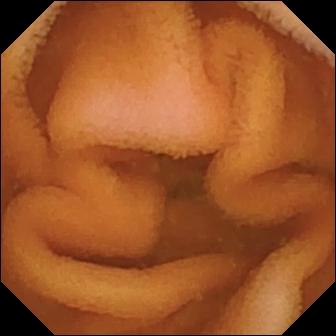Normal clean mucosa (336×336).